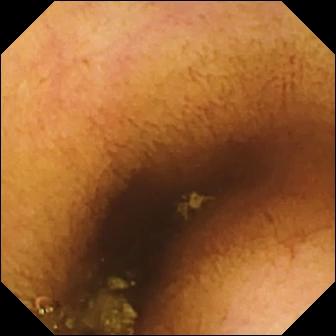PROCEDURE: WCE.
FINDINGS: Normal clean mucosa.